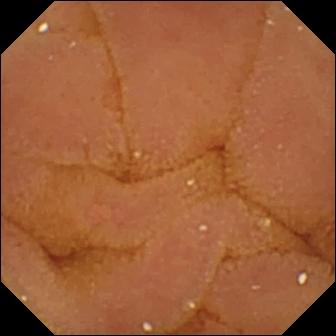PROCEDURE: Capsule endoscopy.
SEGMENT: Small bowel.
FINDINGS: Normal clean mucosa.